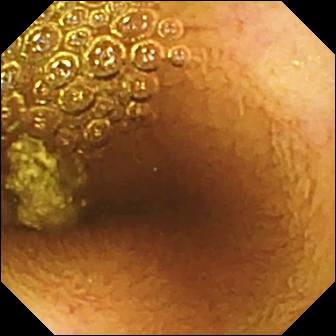PROCEDURE: VCE.
FINDINGS: Normal clean mucosa.